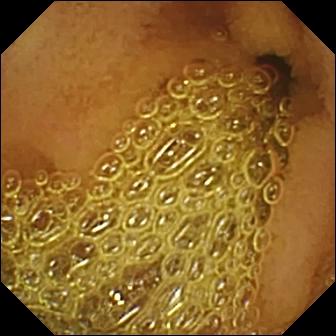This capsule endoscopy snapshot shows normal clean mucosa.